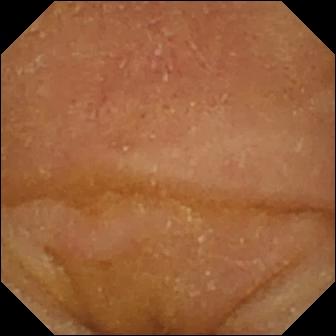Normal clean mucosa (336×336).